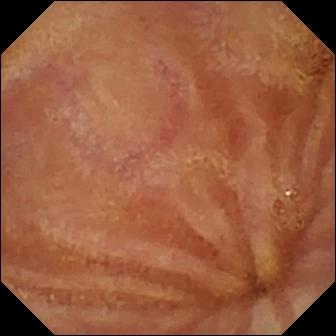This VCE frame of the small bowel shows normal clean mucosa.